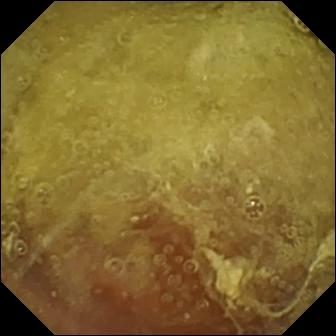PROCEDURE: Capsule endoscopy.
FINDINGS: Normal clean mucosa.